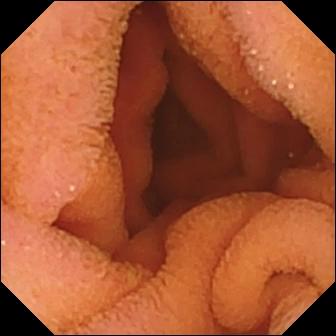VCE still
Finding: normal clean mucosa